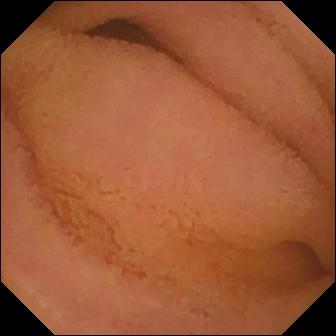Capsule endoscopy view (small intestine). Normal clean mucosa.